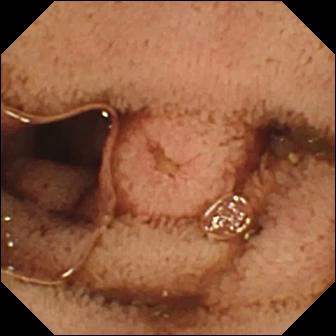modality: capsule endoscopy
finding: erosion